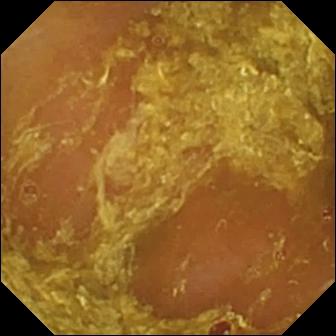Q: What does this small-bowel capsule endoscopy snapshot show?
A: Reduced mucosal view (content or bubbles obscuring the mucosa).